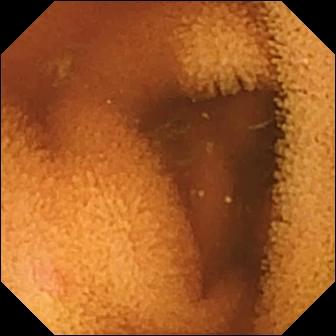modality: small-bowel capsule endoscopy
segment: small bowel
label: normal clean mucosa